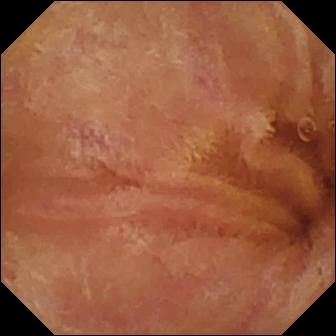WCE — normal clean mucosa.